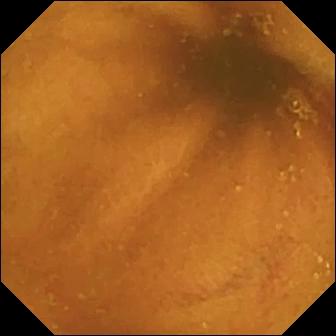Video capsule endoscopy view. Normal clean mucosa.